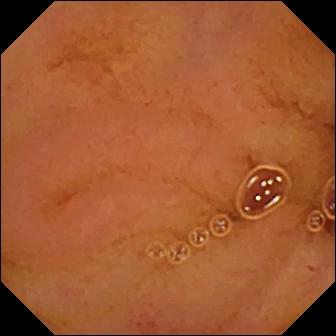PROCEDURE: VCE.
FINDINGS: Normal clean mucosa.